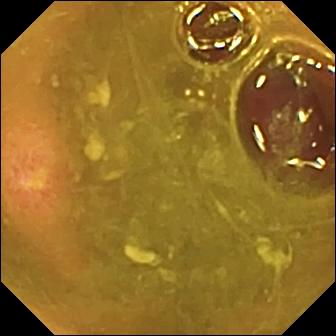Ulcer.